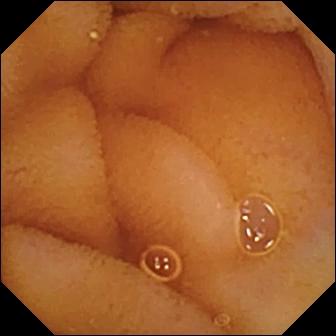- modality: wireless capsule endoscopy
- observation: normal clean mucosa